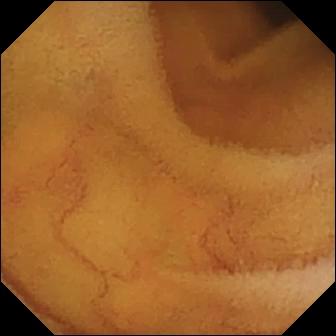PROCEDURE: VCE.
FINDINGS: Normal clean mucosa.